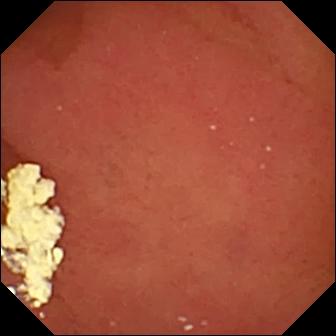WCE frame taken in the pylorus region (where the capsule passes from the stomach into the small bowel).